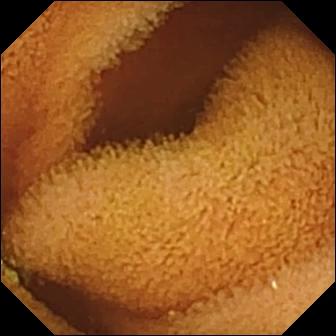PROCEDURE: Video capsule endoscopy.
FINDINGS: Normal clean mucosa.